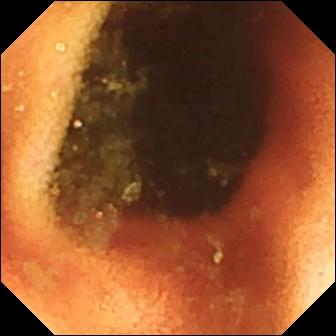Wireless capsule endoscopy image
Video segment: ileo-cecal valve region (the transition from the small bowel to the large bowel)